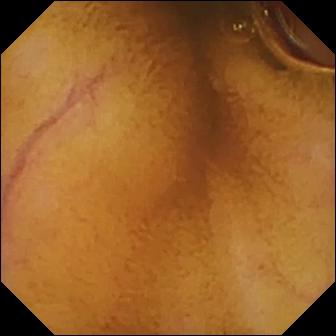Capsule endoscopy view of the small bowel showing normal clean mucosa.